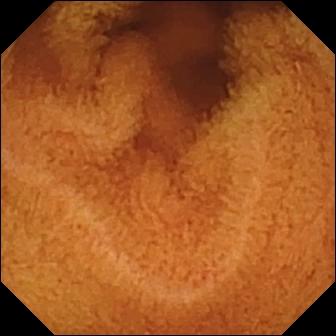Video capsule endoscopy. Label: normal clean mucosa.